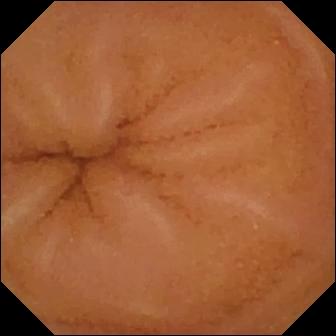PROCEDURE: Capsule endoscopy.
SEGMENT: Small intestine.
FINDINGS: Normal clean mucosa.